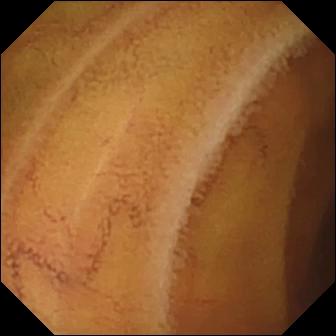{"modality": "capsule endoscopy", "segment": "small intestine", "finding": "normal clean mucosa"}